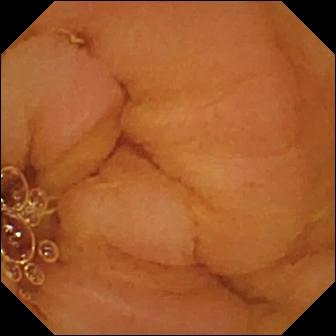Video capsule endoscopy view
Finding: normal clean mucosa